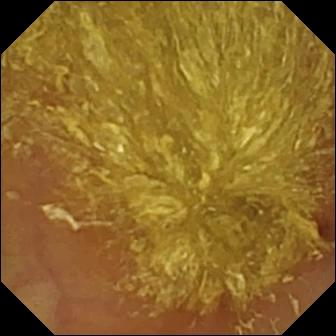Wireless capsule endoscopy still (small intestine), 336×336. Reduced mucosal view (content or bubbles obscuring the mucosa).